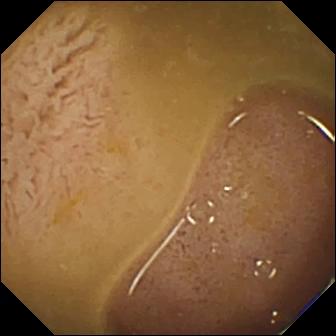- modality: WCE
- position: ileo-cecal valve region